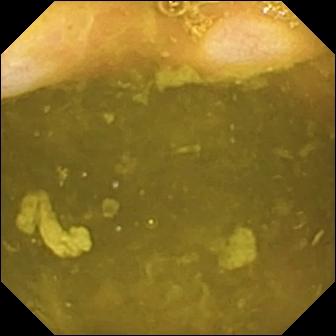modality: video capsule endoscopy
position: ileo-cecal valve region